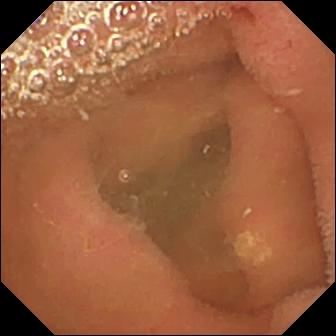Lymphangiectasia — WCE still.